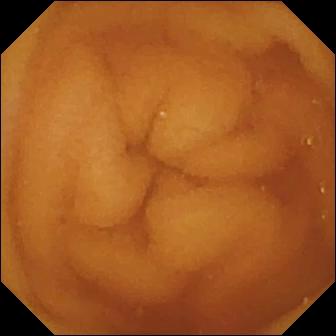PROCEDURE: WCE.
SEGMENT: Small intestine.
FINDINGS: Normal clean mucosa.